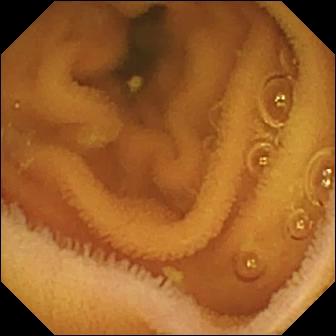This WCE frame of the small bowel shows normal clean mucosa.